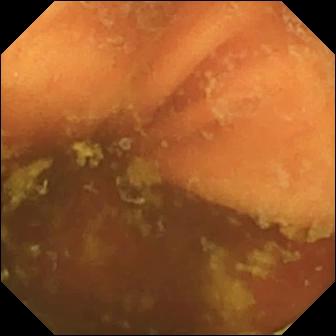This wireless capsule endoscopy still was taken in the ileo-cecal valve region (the transition from the small bowel to the large bowel).